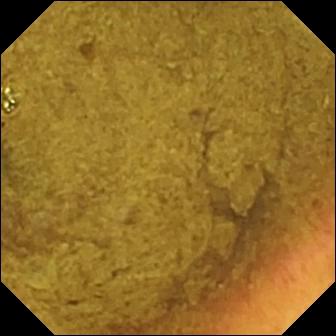Q: Where in the digestive tract was this small-bowel capsule endoscopy frame taken?
A: Ileo-cecal valve region (where the capsule passes from the small bowel into the large bowel).